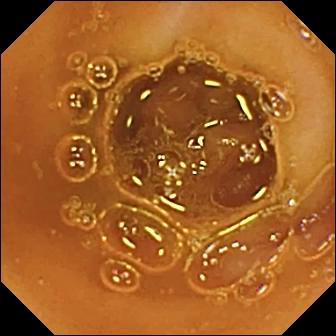PROCEDURE: VCE.
FINDINGS: Normal clean mucosa.